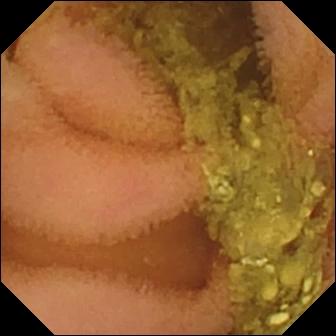- modality: small-bowel capsule endoscopy
- finding: normal clean mucosa